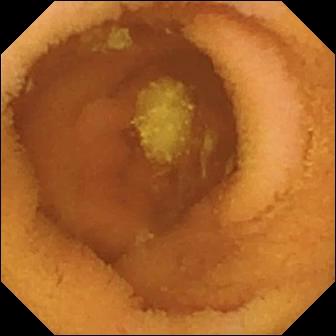Normal clean mucosa.